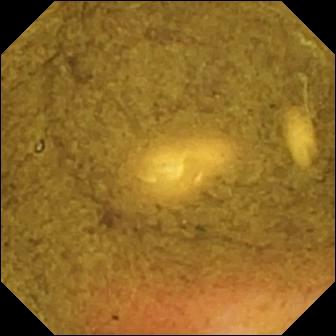WCE frame
Location: ileo-cecal valve region (where the capsule passes from the small bowel into the large bowel)